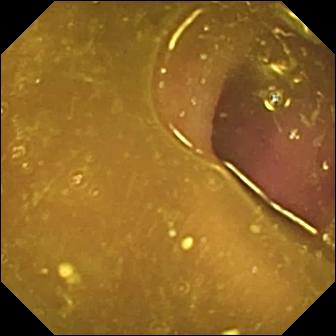This capsule endoscopy image of the small intestine shows reduced mucosal view (content or bubbles obscuring the mucosa).